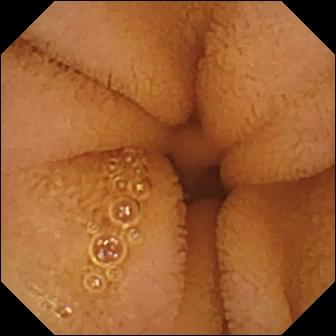Video capsule endoscopy — normal clean mucosa.